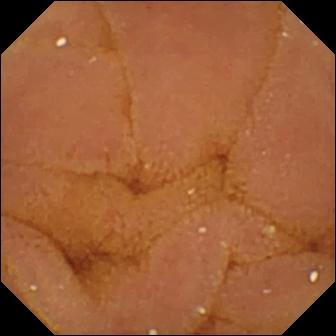Normal clean mucosa — capsule endoscopy still of the small bowel.